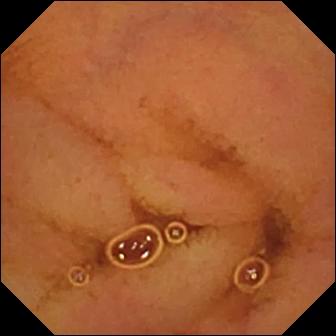modality: video capsule endoscopy
segment: small bowel
impression: normal clean mucosa